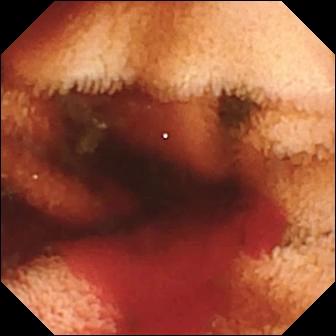Wireless capsule endoscopy snapshot
Impression: fresh blood in the lumen